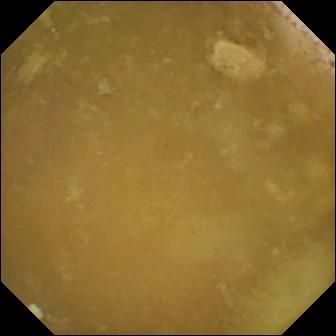VCE image. Taken in the ileo-cecal valve region.